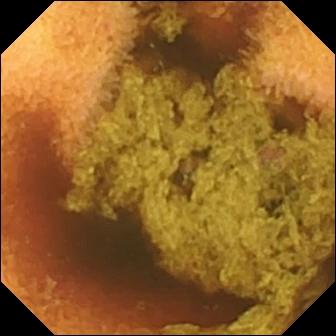modality: capsule endoscopy
observation: normal clean mucosa